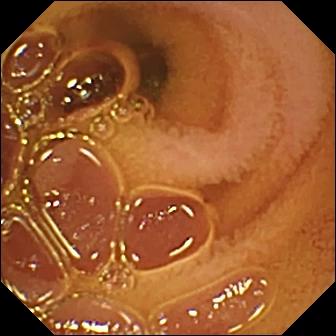Normal clean mucosa — WCE frame.